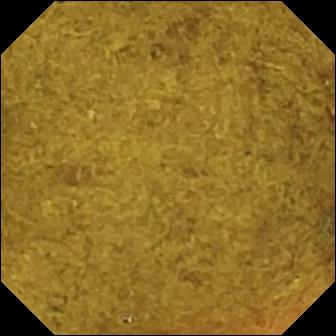Ileo-cecal valve region (where the capsule passes from the small bowel into the large bowel), 336×336.